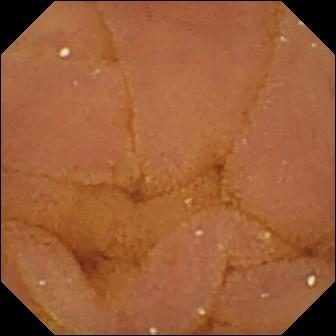Wireless capsule endoscopy snapshot, small intestine
Observation: normal clean mucosa